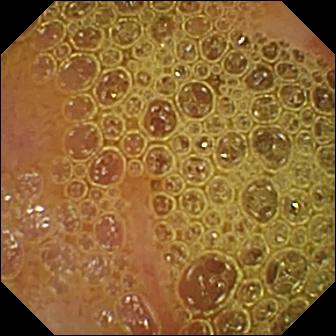modality: WCE | label: erosion